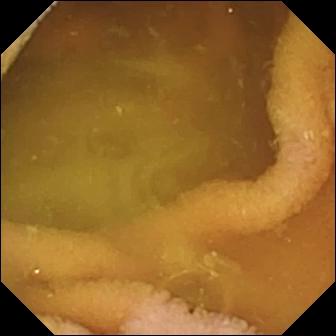Video capsule endoscopy view (small intestine). Normal clean mucosa.